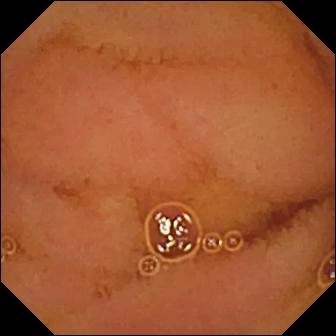PROCEDURE: WCE.
SEGMENT: Small intestine.
FINDINGS: Normal clean mucosa.